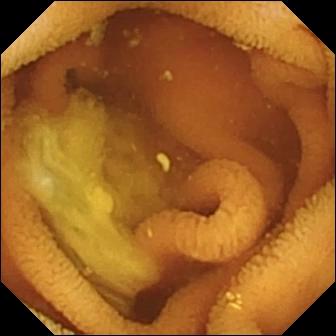{"modality": "small-bowel capsule endoscopy", "segment": "small intestine", "finding": "normal clean mucosa"}